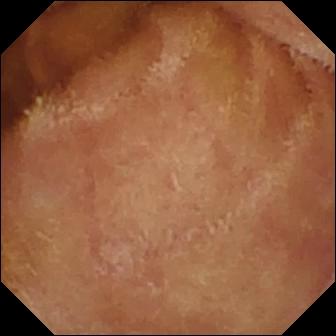PROCEDURE: WCE.
FINDINGS: Normal clean mucosa.